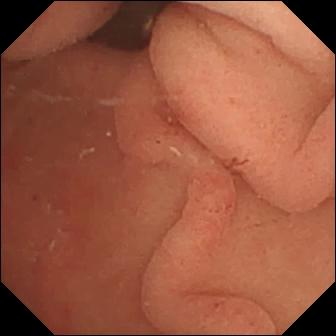- modality: small-bowel capsule endoscopy
- location: pylorus region (where the capsule passes from the stomach into the small bowel)